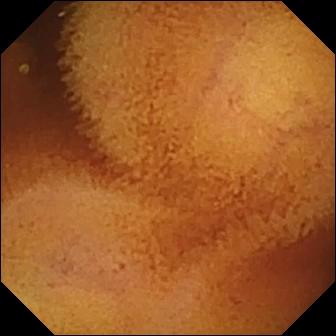- modality: video capsule endoscopy
- category: luminal finding
- impression: normal clean mucosa